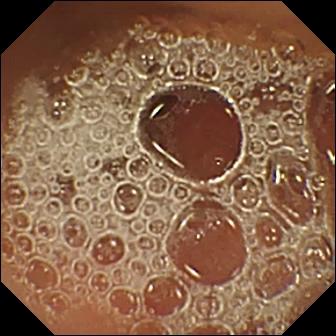PROCEDURE: Capsule endoscopy.
FINDINGS: Normal clean mucosa.